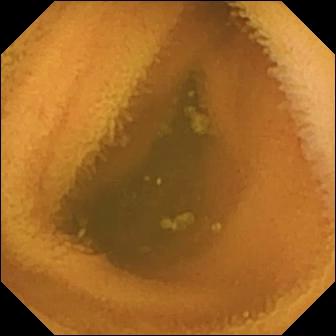modality: video capsule endoscopy; label: normal clean mucosa